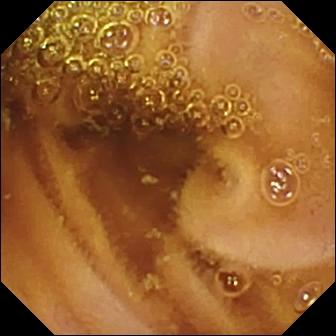modality: capsule endoscopy | finding: normal clean mucosa